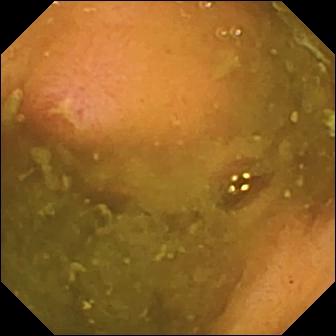This small-bowel capsule endoscopy snapshot shows ulcer.